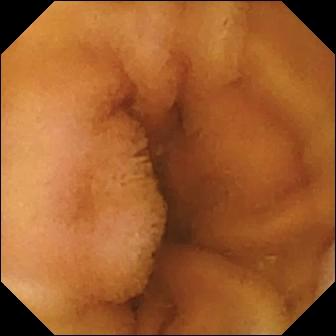Normal clean mucosa.